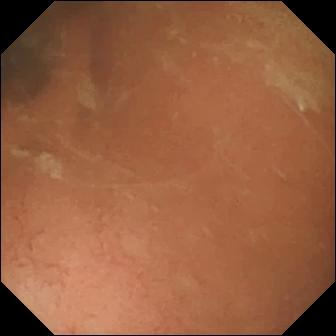Wireless capsule endoscopy frame
Observation: normal clean mucosa